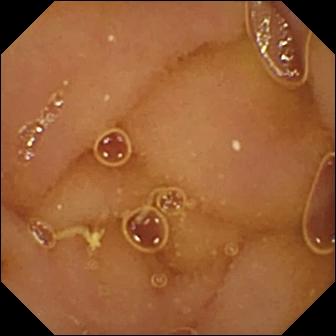modality: VCE | segment: small bowel | impression: normal clean mucosa